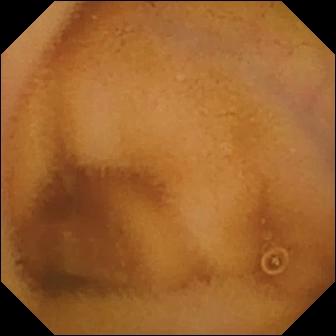Wireless capsule endoscopy frame
Observation: normal clean mucosa